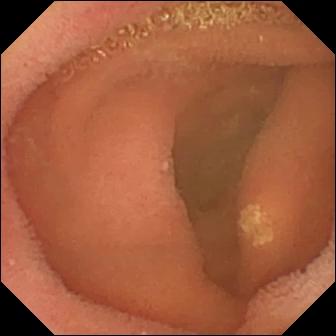modality: video capsule endoscopy
label: lymphangiectasia